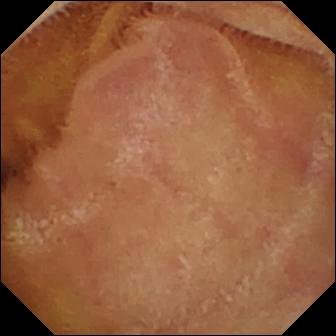Normal clean mucosa (336×336).